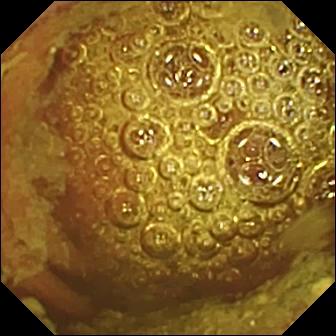Video capsule endoscopy view, 336×336. Normal clean mucosa.